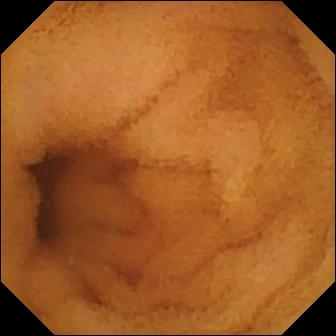Normal clean mucosa (336×336).